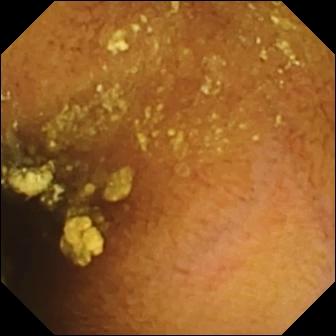- modality: VCE
- category: luminal finding
- finding: normal clean mucosa